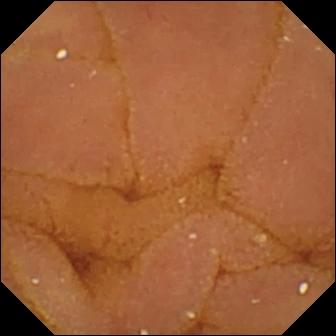Small-bowel capsule endoscopy. Impression: normal clean mucosa.